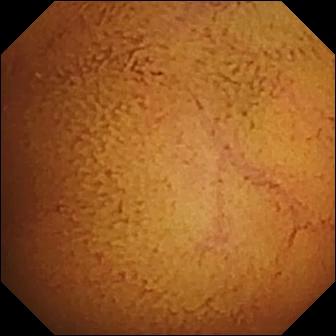{"modality": "small-bowel capsule endoscopy", "finding": "normal clean mucosa"}